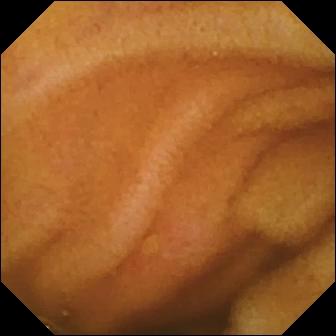Erosion.